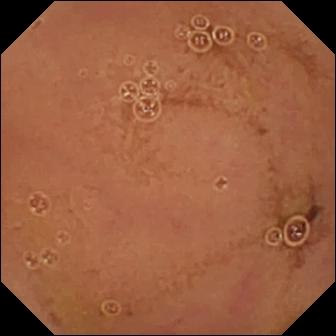Capsule endoscopy still
Observation: normal clean mucosa